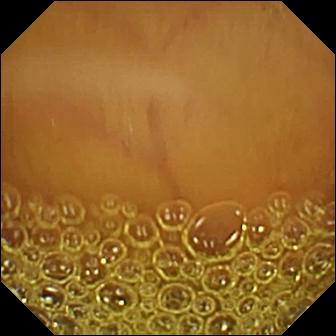Wireless capsule endoscopy. Label: normal clean mucosa.